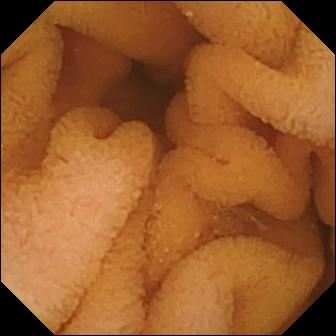PROCEDURE: VCE.
FINDINGS: Normal clean mucosa.